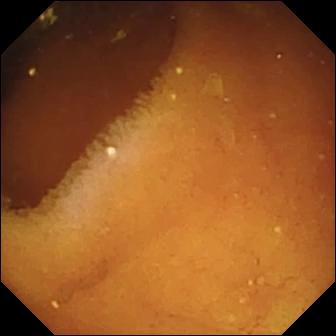modality: small-bowel capsule endoscopy; position: pylorus region (the junction between the stomach and the small bowel)